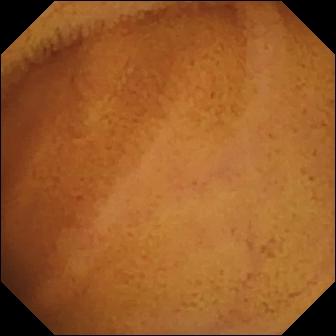{"modality": "VCE", "segment": "small intestine", "finding": "normal clean mucosa"}